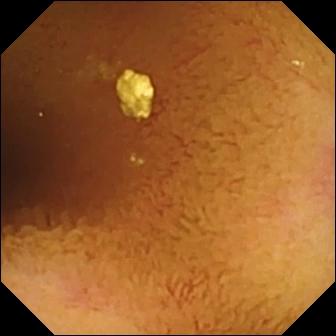PROCEDURE: VCE.
FINDINGS: Normal clean mucosa.